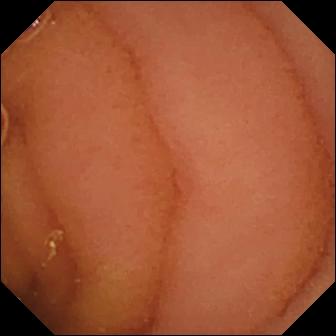WCE snapshot (small bowel), 336×336. Normal clean mucosa.